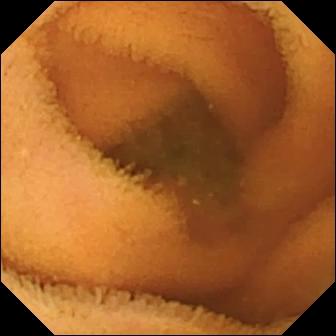PROCEDURE: Small-bowel capsule endoscopy.
FINDINGS: Normal clean mucosa.